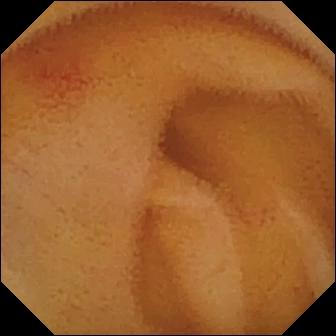- modality: WCE
- label: angiectasia